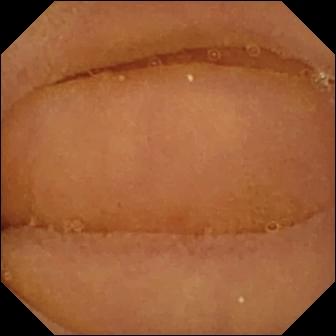Q: What does this WCE frame show?
A: Normal clean mucosa.